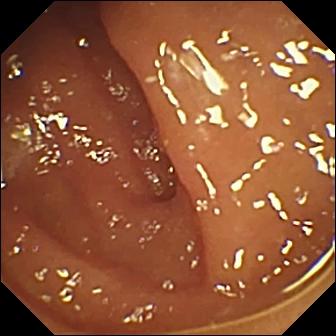Normal clean mucosa — capsule endoscopy view.